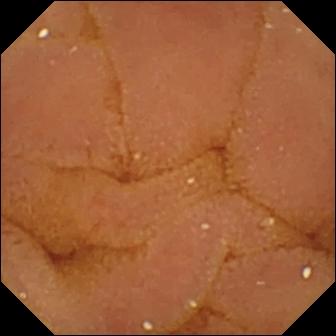WCE — normal clean mucosa.